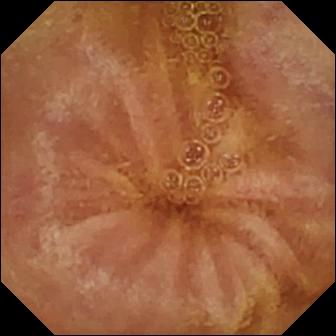This wireless capsule endoscopy still shows normal clean mucosa.